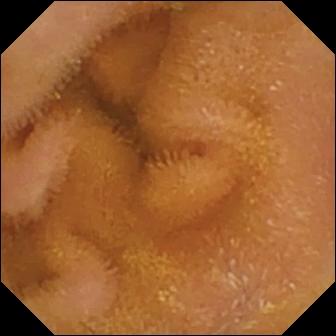VCE — normal clean mucosa.